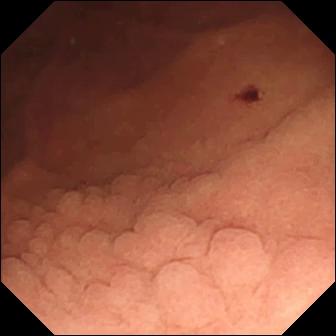Angiectasia.